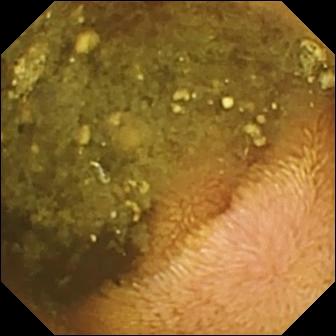- modality: capsule endoscopy
- label: reduced mucosal view (content or bubbles obscuring the mucosa)